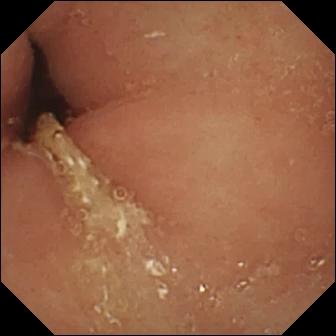- modality: VCE
- label: pylorus region (the junction between the stomach and the small bowel)